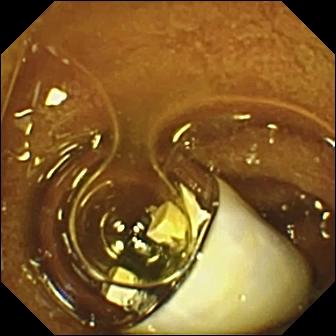PROCEDURE: Capsule endoscopy.
FINDINGS: Foreign body (e.g. retained capsule, tablet residue).